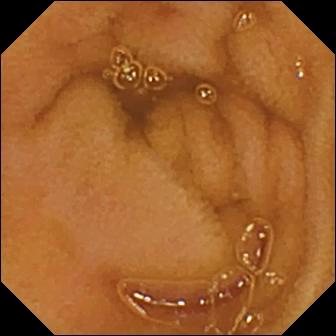WCE. Small intestine. Label: normal clean mucosa.